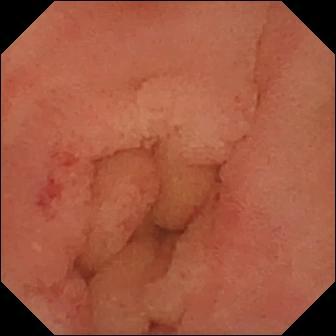- modality: wireless capsule endoscopy
- observation: angiectasia